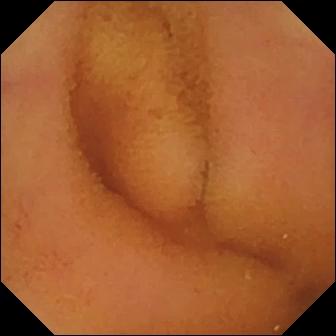VCE frame
Observation: normal clean mucosa